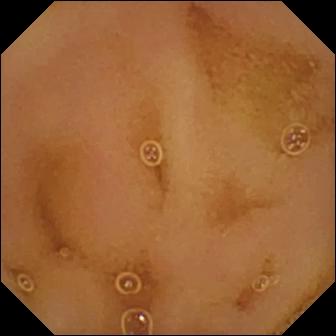Small-bowel capsule endoscopy — normal clean mucosa.